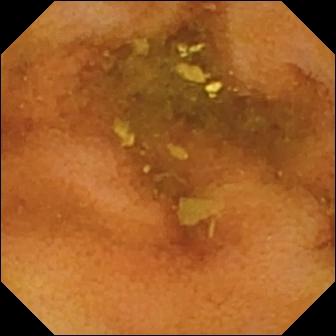Capsule endoscopy still
Impression: normal clean mucosa